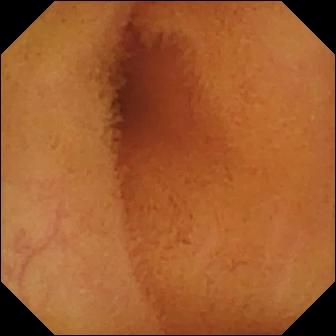PROCEDURE: WCE.
SEGMENT: Small bowel.
FINDINGS: Normal clean mucosa.